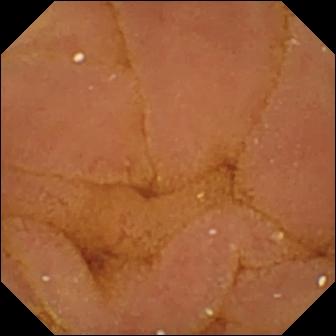Video capsule endoscopy view
Label: normal clean mucosa